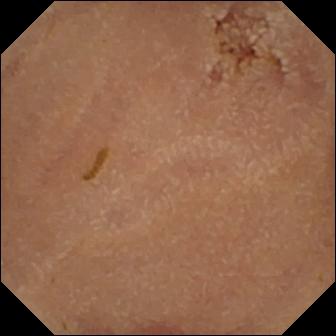PROCEDURE: Capsule endoscopy.
SEGMENT: Small intestine.
FINDINGS: Normal clean mucosa.